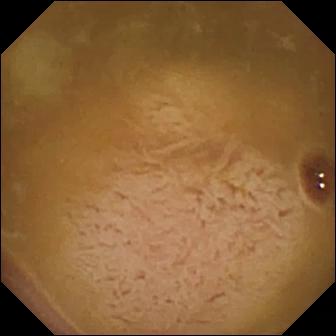Capsule endoscopy frame
Location: ileo-cecal valve region (where the capsule passes from the small bowel into the large bowel)